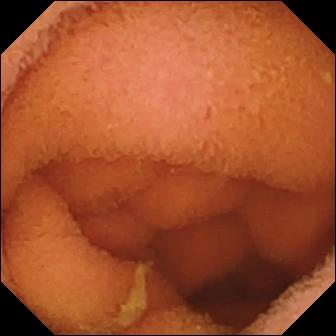{"modality": "small-bowel capsule endoscopy", "finding": "normal clean mucosa"}